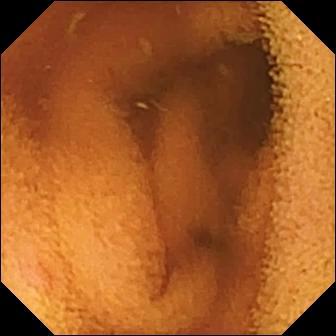Q: What does this small-bowel capsule endoscopy still show?
A: Normal clean mucosa.